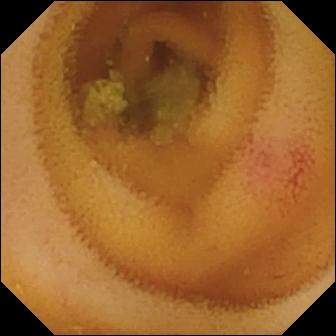- modality: VCE
- category: luminal finding
- label: angiectasia